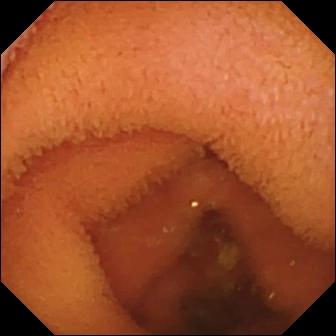Normal clean mucosa.